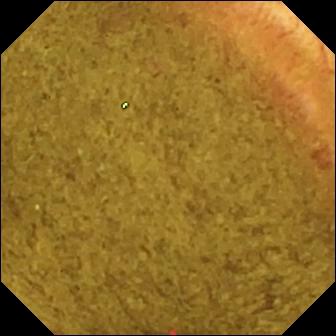WCE — ileo-cecal valve region (where the capsule passes from the small bowel into the large bowel).